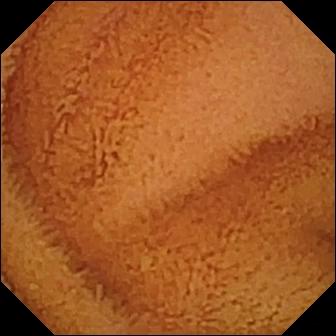PROCEDURE: Small-bowel capsule endoscopy.
SEGMENT: Small bowel.
FINDINGS: Normal clean mucosa.